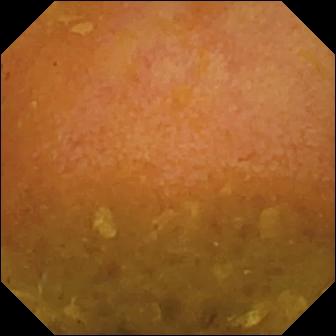Reduced mucosal view (content or bubbles obscuring the mucosa) — capsule endoscopy still of the small intestine.